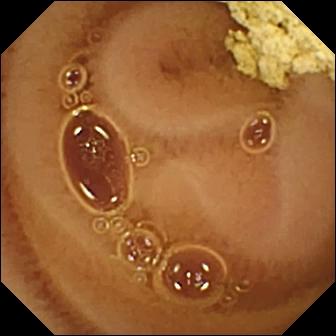- modality: WCE
- category: luminal finding
- label: normal clean mucosa